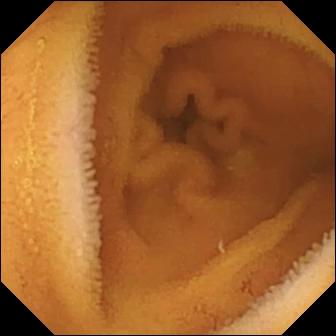Normal clean mucosa — small-bowel capsule endoscopy still.